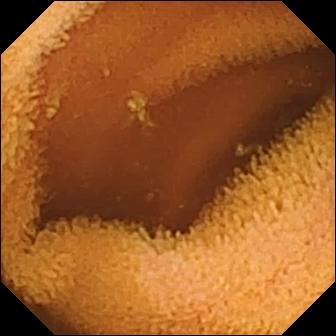Normal clean mucosa — VCE view of the small bowel.